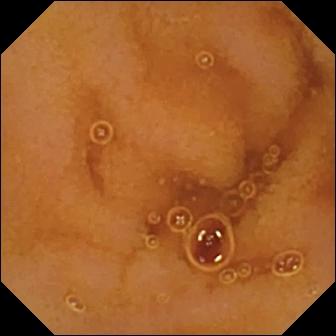{"modality": "capsule endoscopy", "segment": "small intestine", "finding": "normal clean mucosa"}